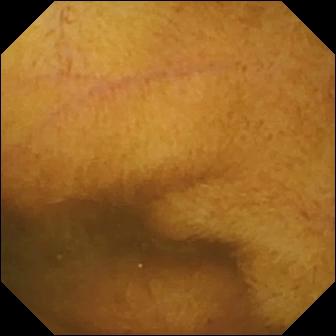Wireless capsule endoscopy view of the small bowel showing normal clean mucosa.